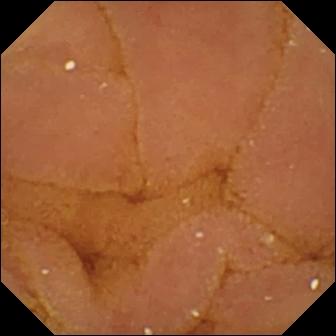modality: small-bowel capsule endoscopy; category: luminal finding; impression: normal clean mucosa